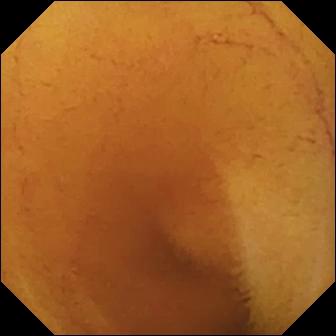This wireless capsule endoscopy view of the small intestine shows normal clean mucosa.